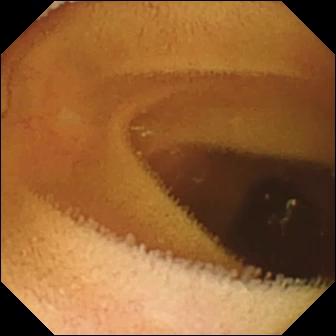PROCEDURE: Capsule endoscopy.
SEGMENT: Small intestine.
FINDINGS: Normal clean mucosa.